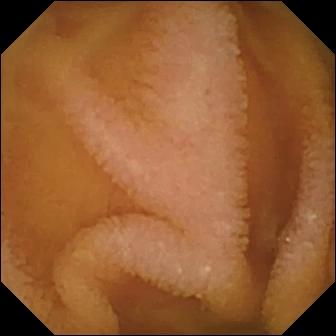- modality: VCE
- finding: normal clean mucosa